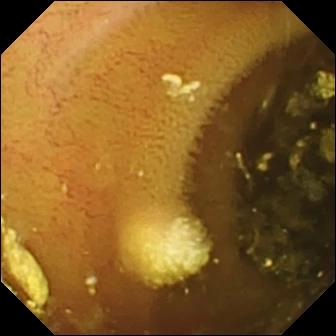VCE image showing lymphangiectasia.